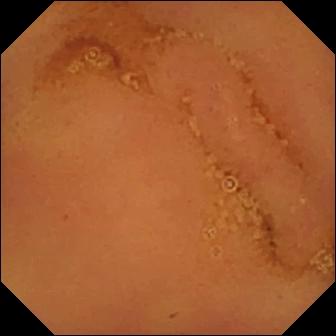- modality: VCE
- category: luminal finding
- label: normal clean mucosa